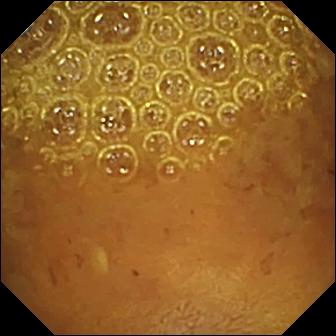WCE view, small intestine
Label: reduced mucosal view (content or bubbles obscuring the mucosa)